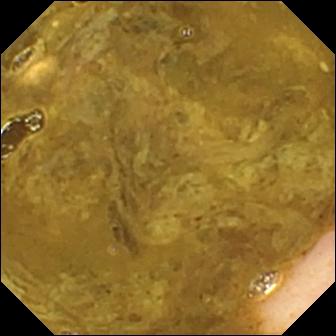modality: wireless capsule endoscopy
location: ileo-cecal valve region (the transition from the small bowel to the large bowel)